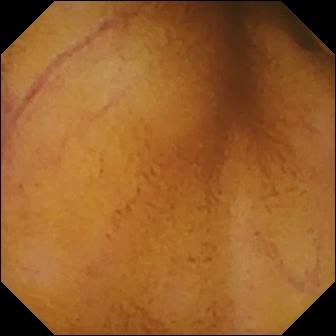Video capsule endoscopy. Small intestine. Impression: normal clean mucosa.